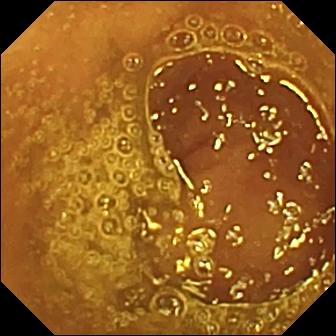PROCEDURE: Small-bowel capsule endoscopy.
SEGMENT: Small intestine.
FINDINGS: Normal clean mucosa.